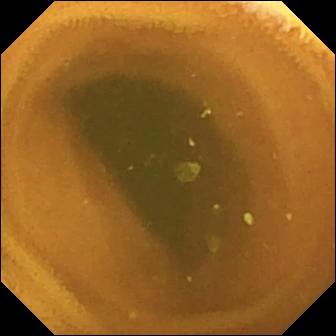Small-bowel capsule endoscopy image, small intestine
Impression: normal clean mucosa